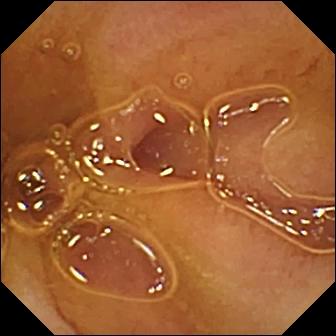- modality: small-bowel capsule endoscopy
- segment: small intestine
- label: normal clean mucosa